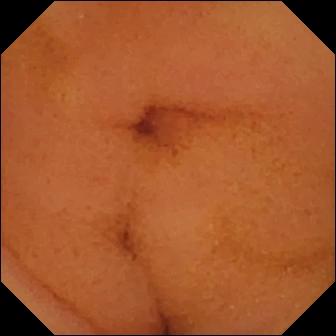Video capsule endoscopy still, small intestine
Impression: normal clean mucosa